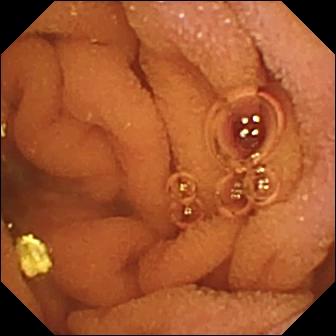Video capsule endoscopy view, small intestine
Finding: normal clean mucosa